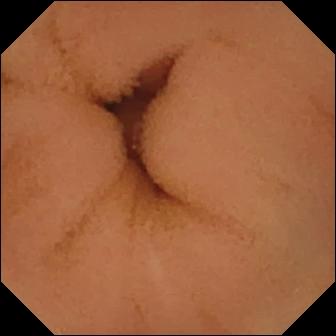Video capsule endoscopy frame of the small intestine showing normal clean mucosa.